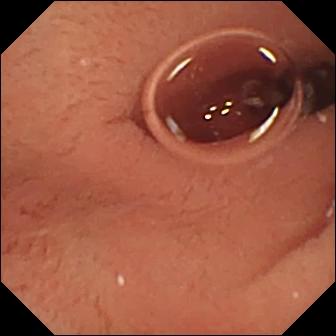Q: Where in the digestive tract was this small-bowel capsule endoscopy frame taken?
A: Pylorus region.